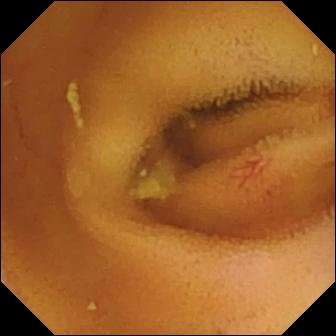Angiectasia.